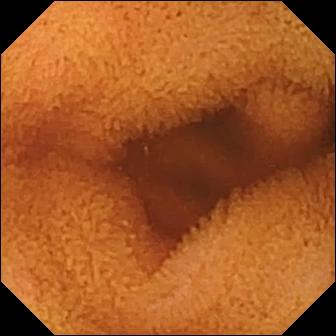PROCEDURE: Wireless capsule endoscopy.
SEGMENT: Small bowel.
FINDINGS: Normal clean mucosa.